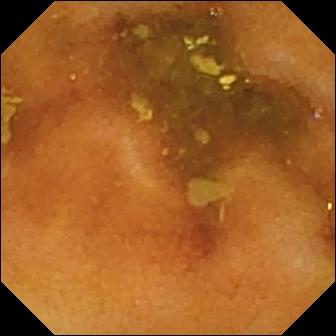VCE. Small intestine. Impression: normal clean mucosa.